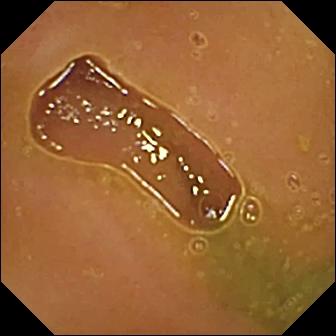PROCEDURE: Small-bowel capsule endoscopy.
FINDINGS: Normal clean mucosa.